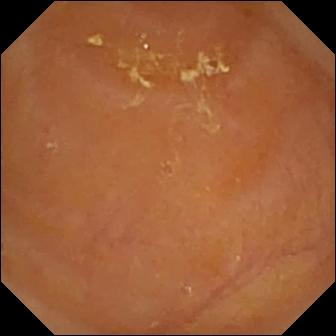Reduced mucosal view (content or bubbles obscuring the mucosa) — WCE still.